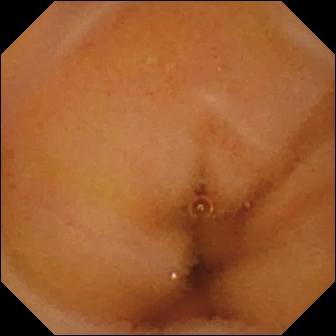This VCE view shows normal clean mucosa.